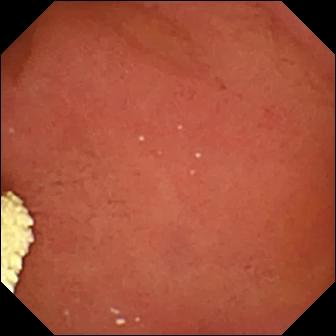Wireless capsule endoscopy — pylorus region.